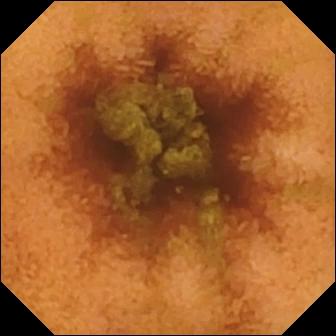PROCEDURE: Small-bowel capsule endoscopy.
SEGMENT: Small intestine.
FINDINGS: Normal clean mucosa.